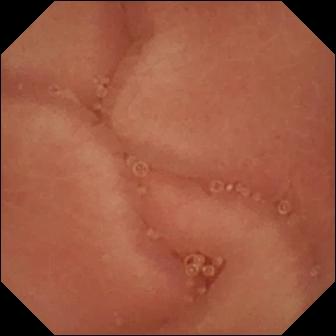Wireless capsule endoscopy snapshot taken in the pylorus region (the junction between the stomach and the small bowel).